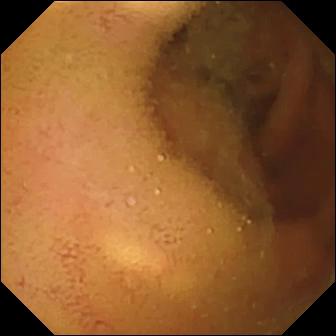Normal clean mucosa.